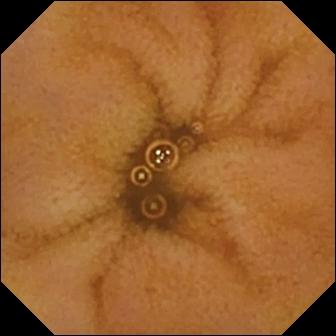Video capsule endoscopy view showing normal clean mucosa.